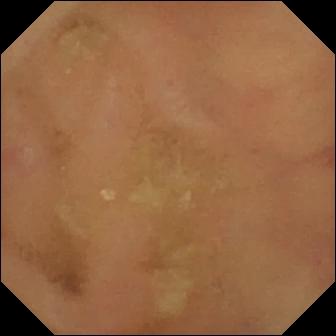modality: VCE | segment: small intestine | finding: normal clean mucosa